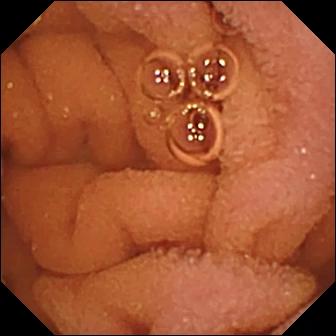Video capsule endoscopy view (small intestine). Normal clean mucosa.